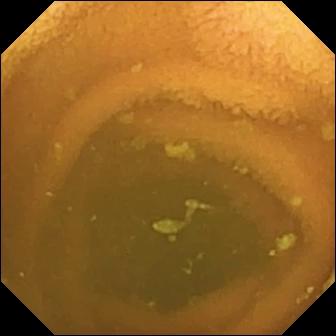{"modality": "video capsule endoscopy", "finding": "normal clean mucosa"}